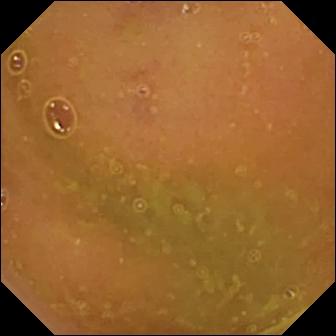- modality: video capsule endoscopy
- segment: small intestine
- category: luminal finding
- label: normal clean mucosa